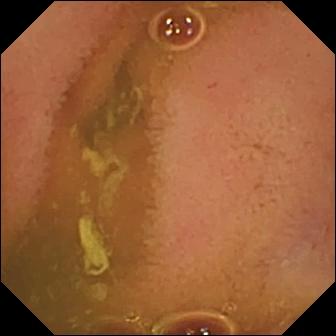PROCEDURE: Capsule endoscopy.
FINDINGS: Normal clean mucosa.